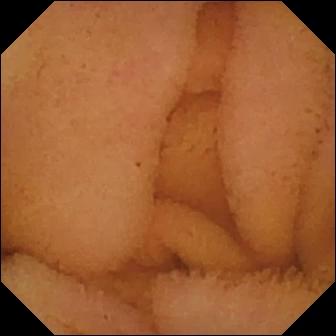Capsule endoscopy snapshot, 336×336. Normal clean mucosa.